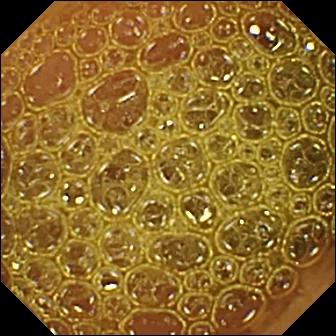- modality: wireless capsule endoscopy
- category: luminal finding
- label: reduced mucosal view (content or bubbles obscuring the mucosa)